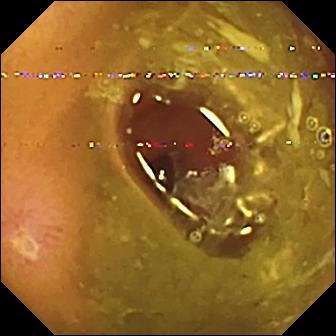Ulcer — WCE view.